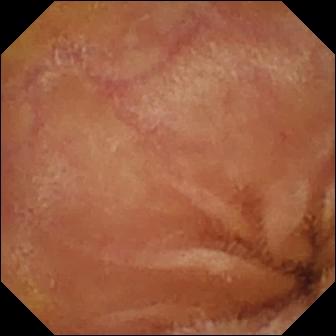modality: small-bowel capsule endoscopy | observation: normal clean mucosa